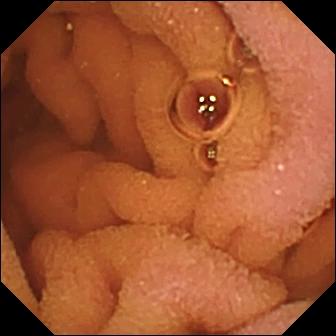Normal clean mucosa — wireless capsule endoscopy image of the small bowel.